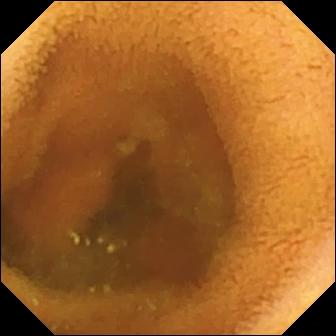Capsule endoscopy — normal clean mucosa.